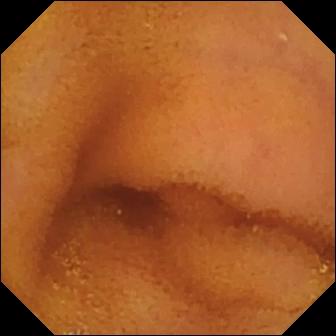This WCE image shows normal clean mucosa.